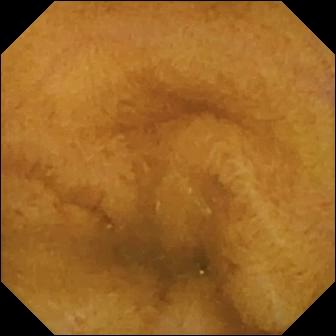{"modality": "small-bowel capsule endoscopy", "segment": "small intestine", "category": "luminal finding", "finding": "normal clean mucosa"}